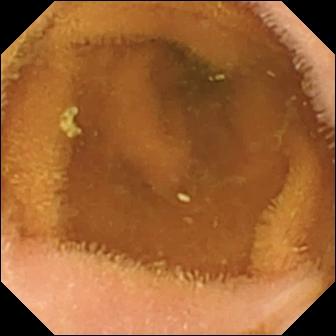Video capsule endoscopy image of the small bowel showing normal clean mucosa.